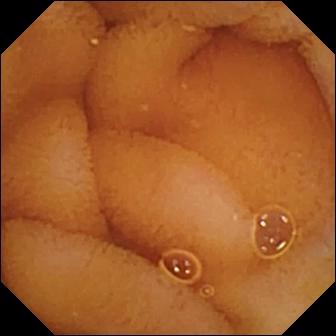Wireless capsule endoscopy view (small intestine). Normal clean mucosa.